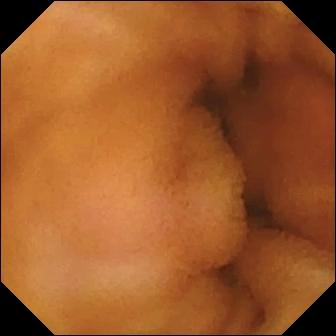Small-bowel capsule endoscopy snapshot showing normal clean mucosa.